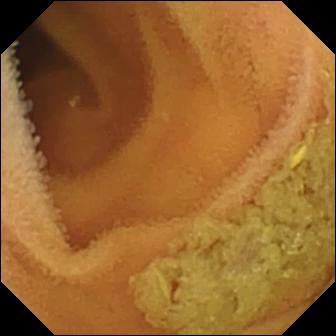modality: wireless capsule endoscopy | observation: normal clean mucosa